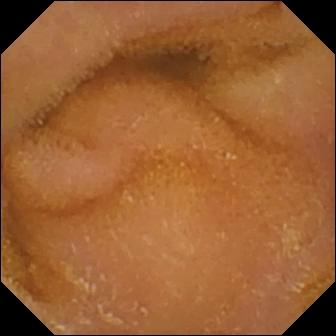Wireless capsule endoscopy view showing normal clean mucosa.